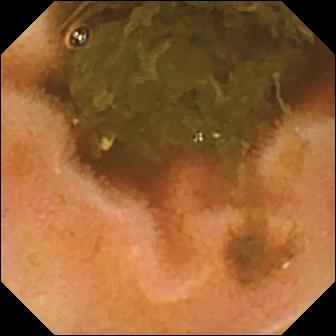Q: Where in the digestive tract was this wireless capsule endoscopy view taken?
A: Ileo-cecal valve region.